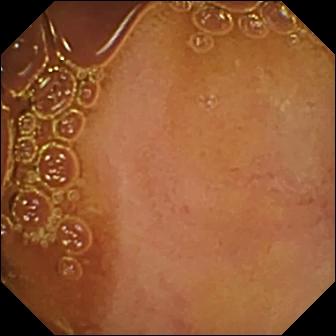PROCEDURE: Wireless capsule endoscopy.
SEGMENT: Small bowel.
FINDINGS: Normal clean mucosa.